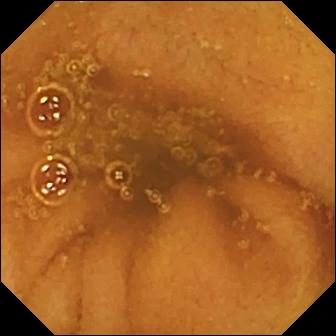{"modality": "VCE", "category": "luminal finding", "finding": "normal clean mucosa"}